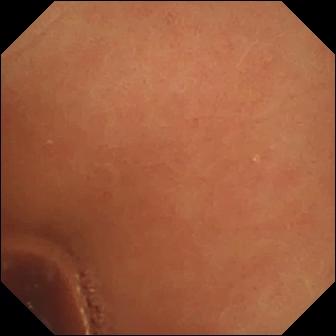Video capsule endoscopy still, 336×336. Normal clean mucosa.